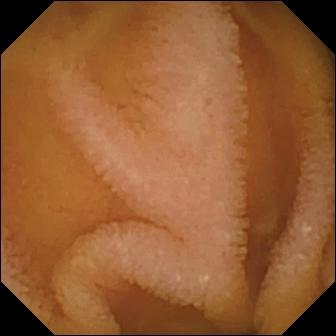Wireless capsule endoscopy still of the small intestine showing normal clean mucosa.